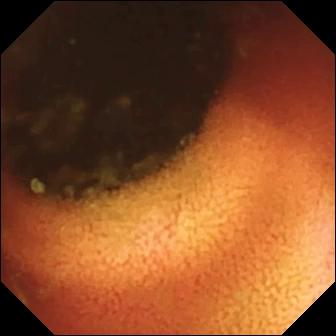{"modality": "WCE", "category": "anatomical landmark", "position": "ileo-cecal valve region"}